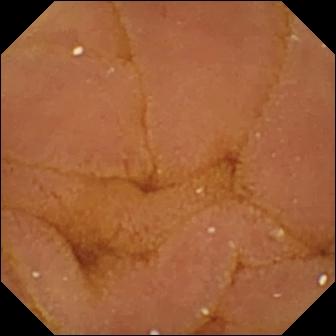Small-bowel capsule endoscopy. Finding: normal clean mucosa.